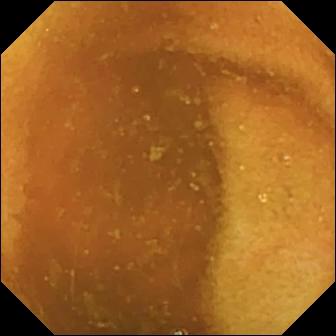Normal clean mucosa — WCE view.